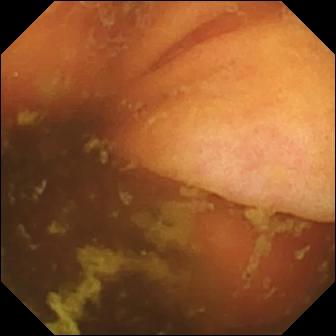Video capsule endoscopy still. Taken in the ileo-cecal valve region (where the capsule passes from the small bowel into the large bowel).